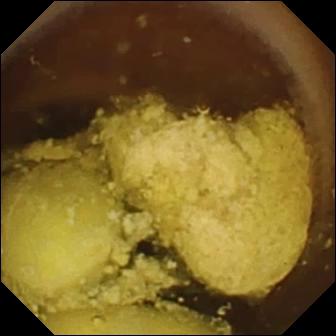This WCE image shows foreign body (e.g. retained capsule, tablet residue).